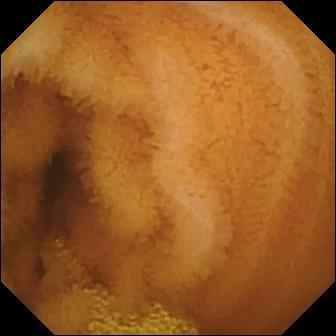WCE still, small intestine
Finding: normal clean mucosa